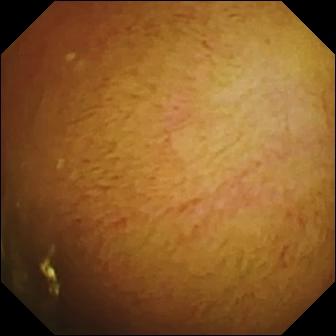This VCE snapshot of the small intestine shows normal clean mucosa.